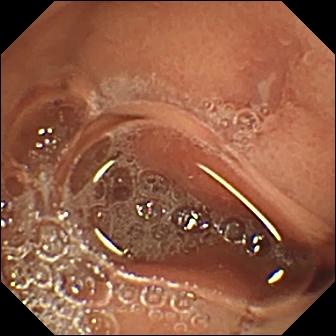modality: capsule endoscopy | category: luminal finding | impression: erosion